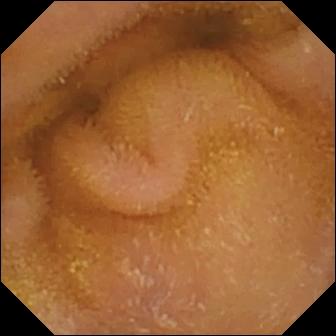Wireless capsule endoscopy image showing normal clean mucosa.